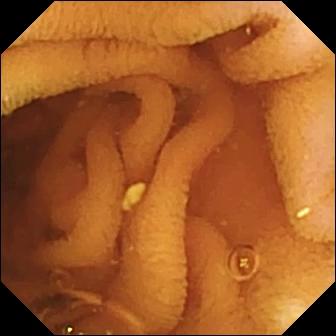WCE image showing normal clean mucosa.